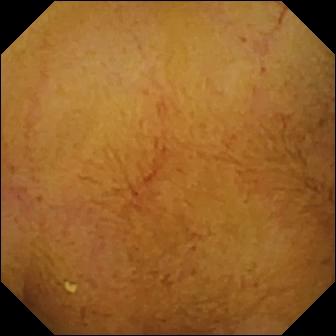- modality: wireless capsule endoscopy
- segment: small intestine
- impression: normal clean mucosa